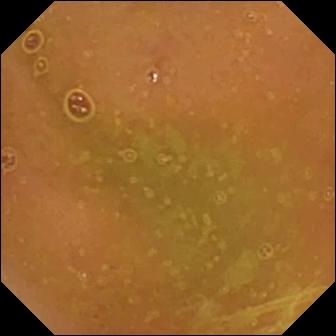VCE snapshot of the small bowel showing normal clean mucosa.